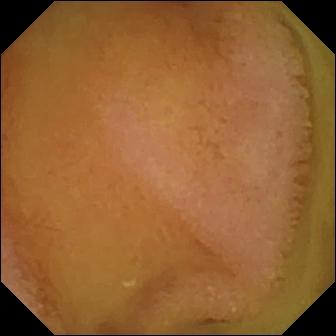Normal clean mucosa — wireless capsule endoscopy view of the small bowel.